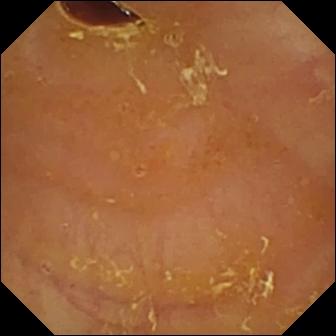VCE. Finding: reduced mucosal view (content or bubbles obscuring the mucosa).